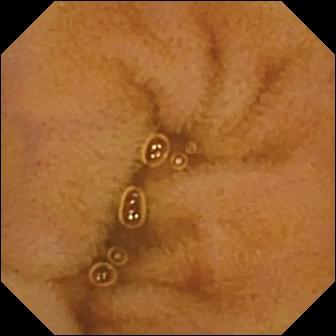WCE. Label: normal clean mucosa.